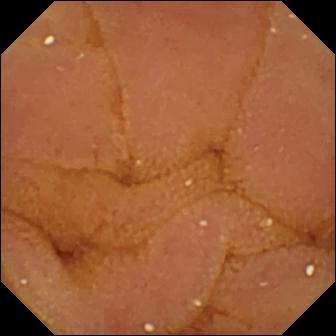VCE — normal clean mucosa.